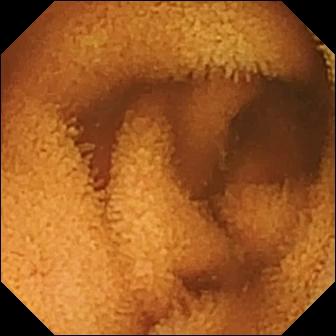VCE still. Normal clean mucosa.